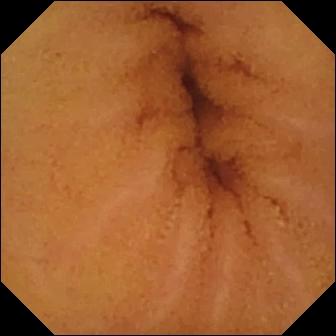This VCE frame shows normal clean mucosa.